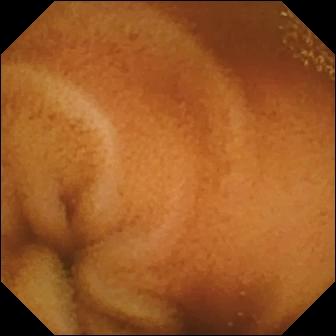Capsule endoscopy frame, small intestine
Label: normal clean mucosa